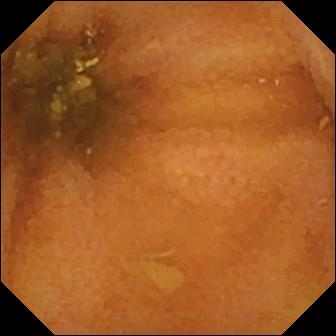Wireless capsule endoscopy frame, 336×336. Normal clean mucosa.